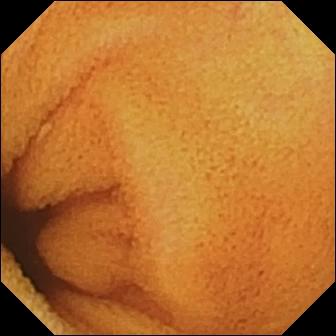{"modality": "wireless capsule endoscopy", "finding": "normal clean mucosa"}